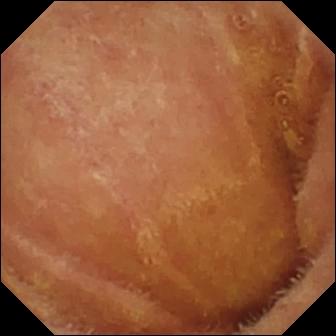This WCE still shows normal clean mucosa.